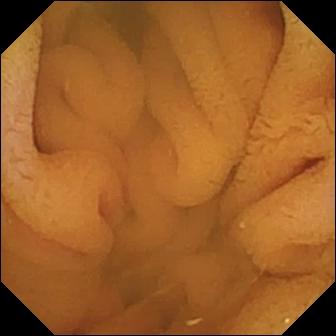Small-bowel capsule endoscopy still (small intestine). Normal clean mucosa.